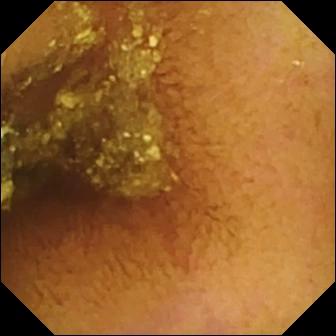VCE still showing normal clean mucosa.